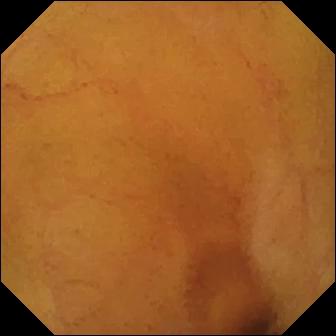Normal clean mucosa (336×336).